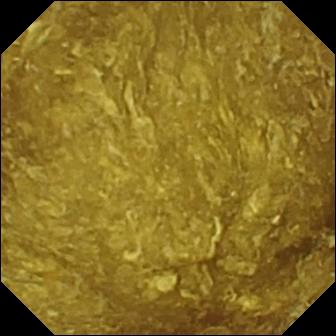{"modality": "wireless capsule endoscopy", "segment": "small bowel", "finding": "reduced mucosal view (content or bubbles obscuring the mucosa)"}